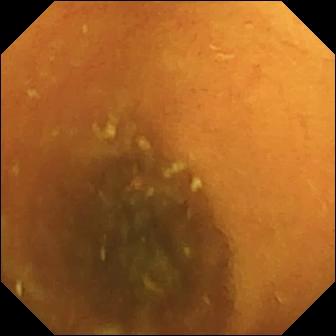Q: What does this video capsule endoscopy image of the small bowel show?
A: Normal clean mucosa.